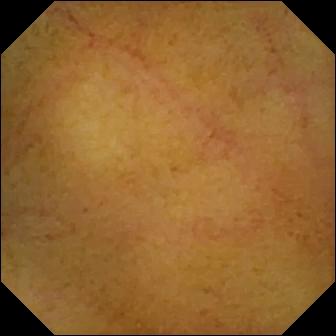VCE frame, small bowel
Label: normal clean mucosa